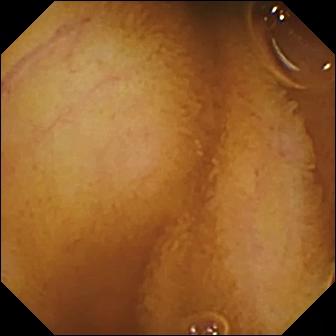PROCEDURE: Capsule endoscopy.
SEGMENT: Small bowel.
FINDINGS: Normal clean mucosa.